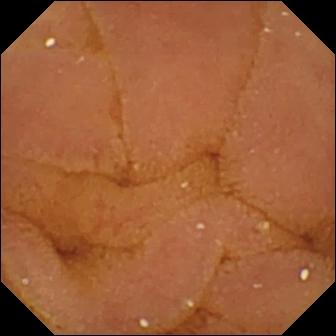This capsule endoscopy view of the small bowel shows normal clean mucosa.